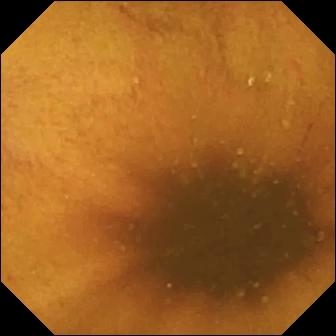Small-bowel capsule endoscopy view (small bowel). Normal clean mucosa.